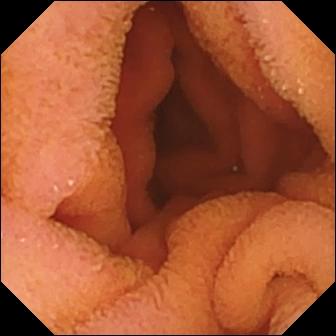Q: What does this capsule endoscopy image show?
A: Normal clean mucosa.